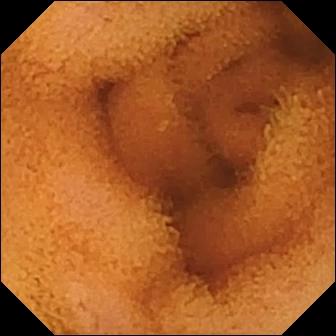Small-bowel capsule endoscopy. Small intestine. Luminal finding. Label: normal clean mucosa.